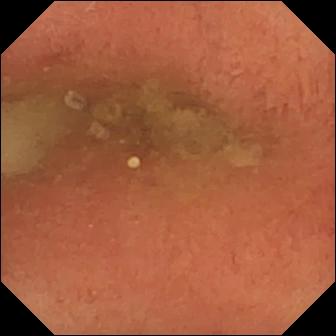WCE still
Location: pylorus region (where the capsule passes from the stomach into the small bowel)